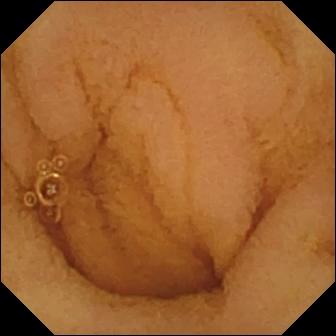- modality: WCE
- finding: normal clean mucosa